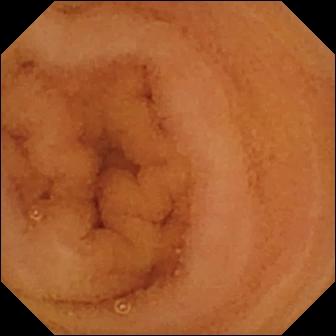WCE image, small bowel
Observation: normal clean mucosa